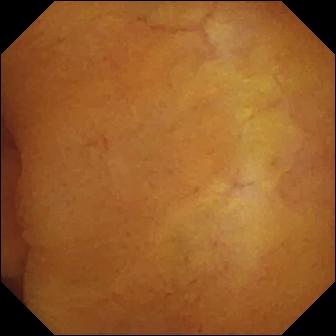This WCE view shows normal clean mucosa.